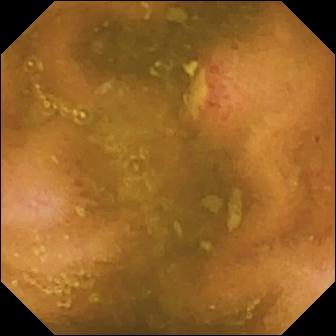modality: VCE
impression: ulcer